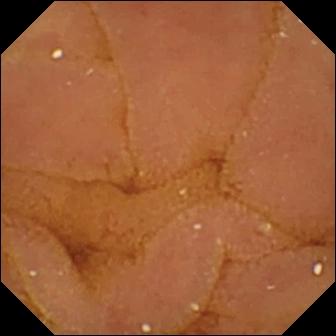- modality: video capsule endoscopy
- segment: small bowel
- category: luminal finding
- finding: normal clean mucosa